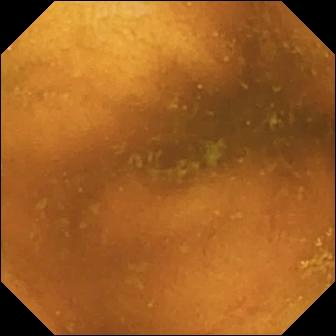PROCEDURE: Capsule endoscopy.
FINDINGS: Normal clean mucosa.